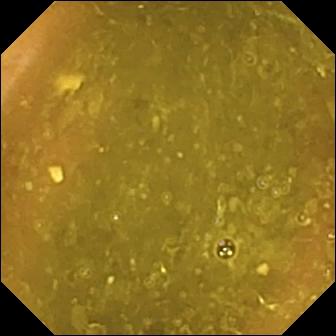This small-bowel capsule endoscopy snapshot was taken in the ileo-cecal valve region (where the capsule passes from the small bowel into the large bowel).